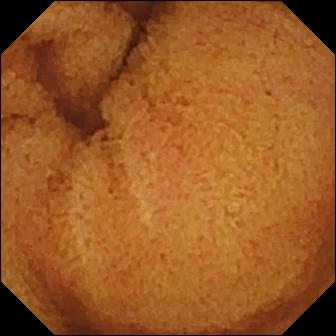{"modality": "VCE", "segment": "small intestine", "finding": "normal clean mucosa"}